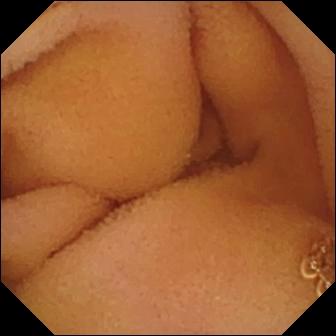Normal clean mucosa — small-bowel capsule endoscopy view.